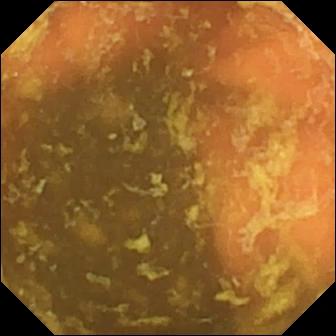Ileo-cecal valve region (where the capsule passes from the small bowel into the large bowel).